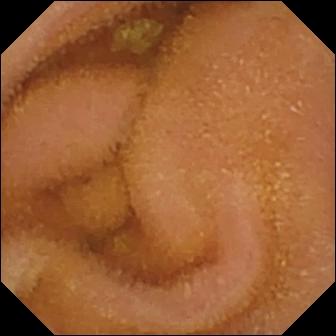{"modality": "VCE", "finding": "normal clean mucosa"}